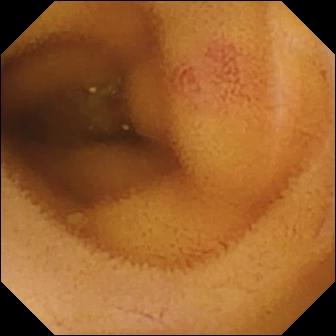PROCEDURE: Capsule endoscopy.
FINDINGS: Angiectasia.